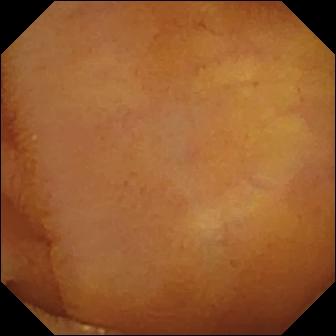PROCEDURE: VCE.
SEGMENT: Small intestine.
FINDINGS: Normal clean mucosa.